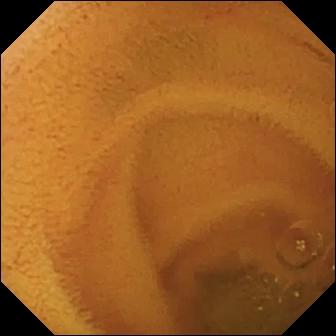Normal clean mucosa — small-bowel capsule endoscopy frame.